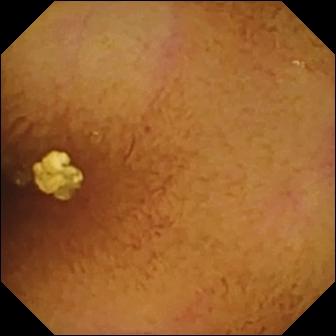Capsule endoscopy snapshot, small intestine
Impression: normal clean mucosa